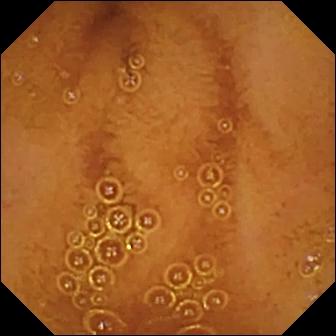Normal clean mucosa — WCE view.